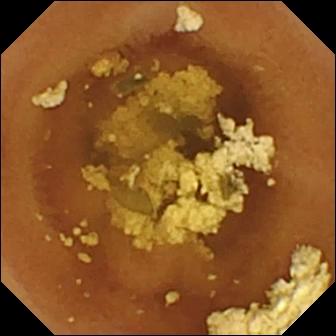Q: What does this capsule endoscopy view of the small intestine show?
A: Normal clean mucosa.